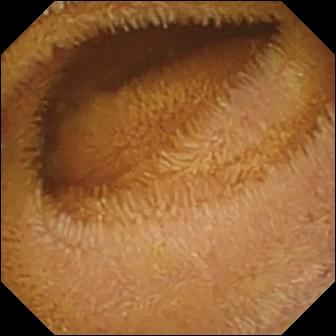Capsule endoscopy frame showing normal clean mucosa.